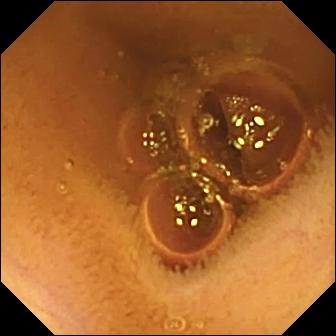{"modality": "VCE", "finding": "normal clean mucosa"}